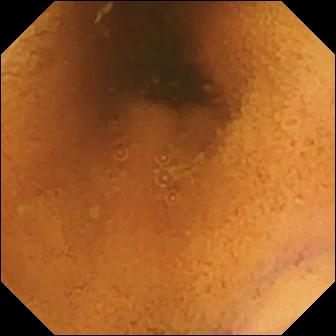This WCE snapshot shows normal clean mucosa.